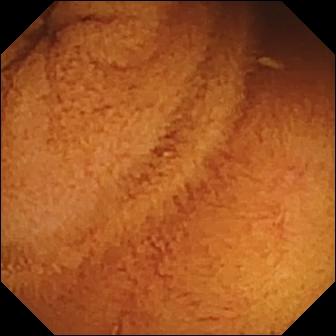modality: small-bowel capsule endoscopy | category: luminal finding | observation: normal clean mucosa